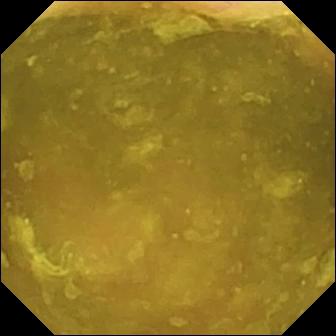PROCEDURE: WCE.
POSITION: Ileo-cecal valve region (where the capsule passes from the small bowel into the large bowel).